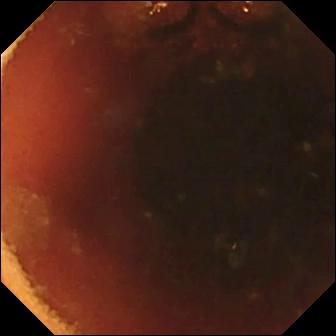Small-bowel capsule endoscopy frame
Location: ileo-cecal valve region